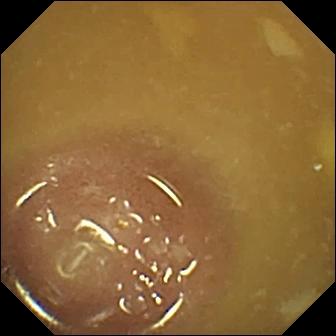VCE. Label: ileo-cecal valve region (the transition from the small bowel to the large bowel).